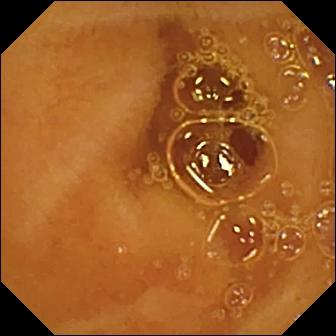PROCEDURE: Capsule endoscopy.
FINDINGS: Normal clean mucosa.